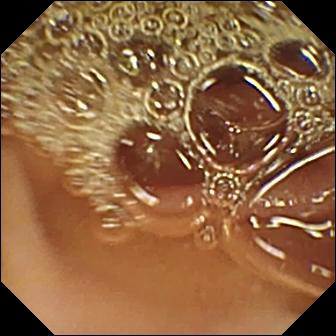modality: VCE | category: anatomical landmark | location: pylorus region